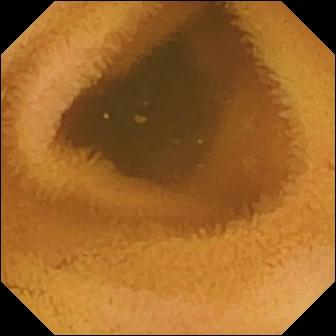PROCEDURE: Capsule endoscopy.
SEGMENT: Small bowel.
FINDINGS: Normal clean mucosa.